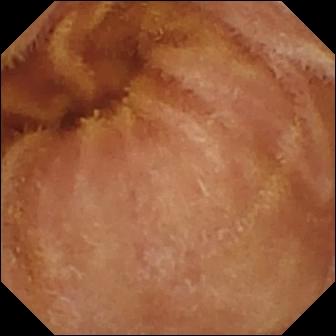Small-bowel capsule endoscopy image
Finding: normal clean mucosa